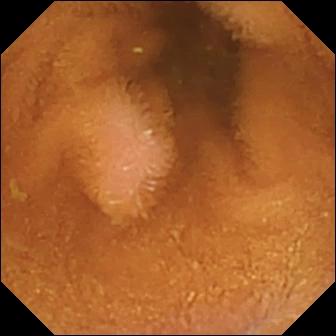Normal clean mucosa.